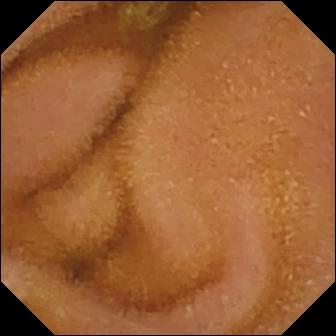Q: What does this wireless capsule endoscopy still show?
A: Normal clean mucosa.